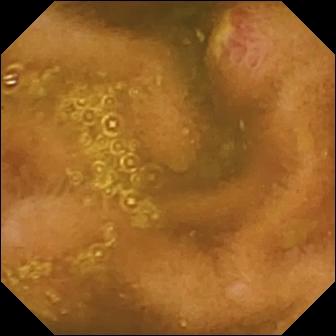WCE still, 336×336. Ulcer.